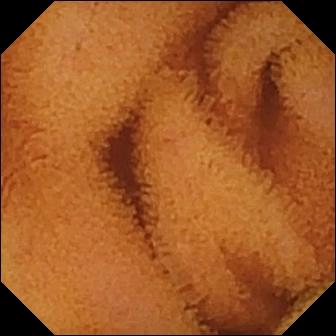Normal clean mucosa — wireless capsule endoscopy snapshot.